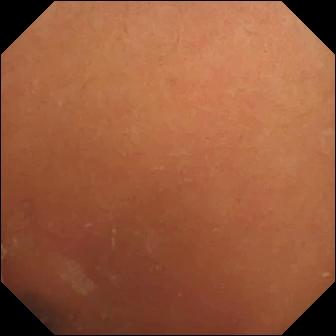Video capsule endoscopy still showing normal clean mucosa.